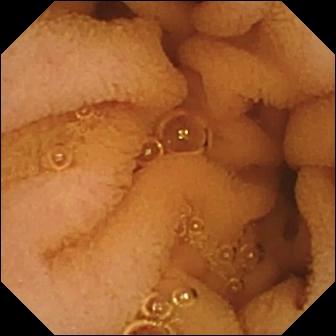This wireless capsule endoscopy view shows normal clean mucosa.